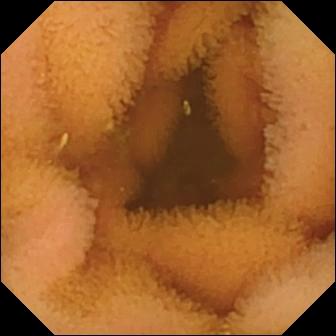Video capsule endoscopy — normal clean mucosa.